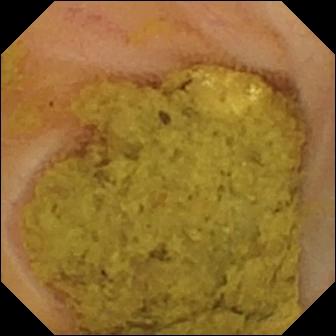WCE image
Video segment: ileo-cecal valve region